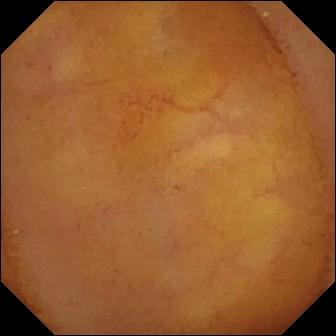modality: video capsule endoscopy
segment: small intestine
impression: normal clean mucosa